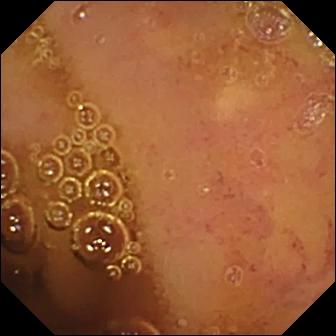- modality: small-bowel capsule endoscopy
- observation: normal clean mucosa